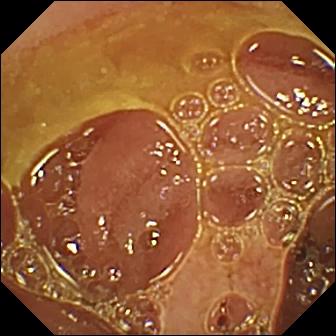Normal clean mucosa — capsule endoscopy view of the small intestine.